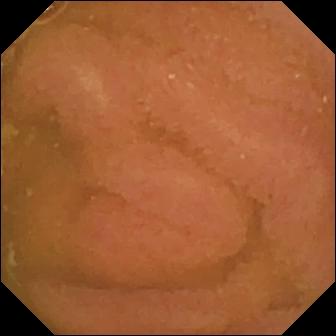{"modality": "WCE", "segment": "small bowel", "finding": "normal clean mucosa"}